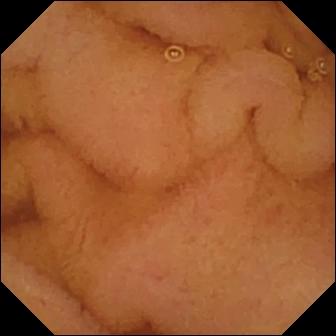Wireless capsule endoscopy image. Normal clean mucosa.